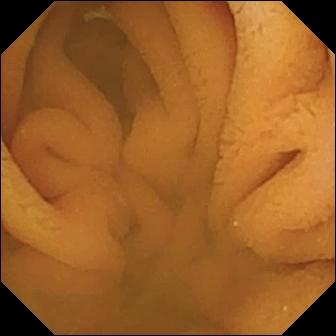- modality: WCE
- observation: normal clean mucosa